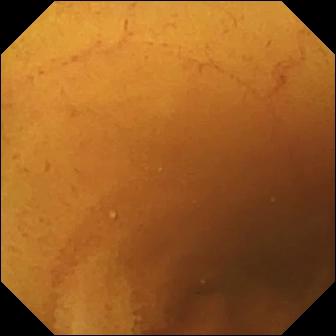- modality: small-bowel capsule endoscopy
- finding: normal clean mucosa